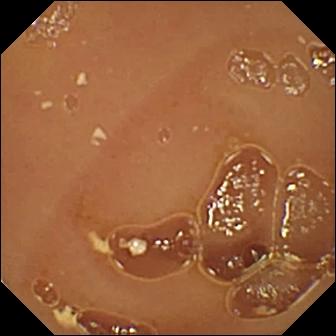VCE. Label: normal clean mucosa.